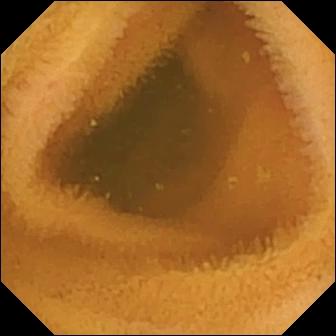Video capsule endoscopy snapshot (small intestine). Normal clean mucosa.